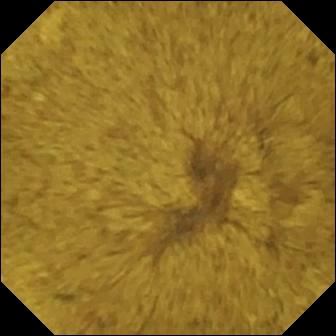VCE. Position: ileo-cecal valve region (the transition from the small bowel to the large bowel).